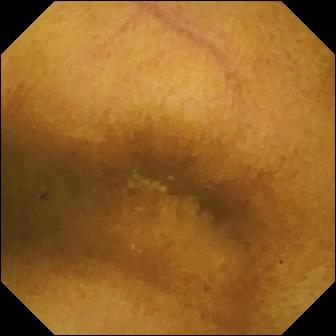modality: video capsule endoscopy
category: luminal finding
finding: normal clean mucosa